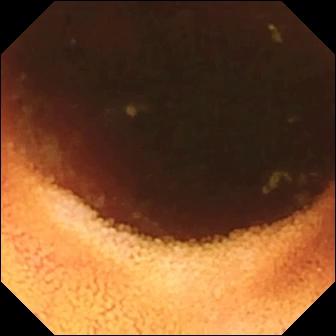Capsule endoscopy still
Video segment: ileo-cecal valve region (the transition from the small bowel to the large bowel)